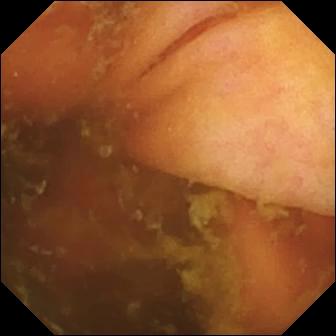Ileo-cecal valve region (the transition from the small bowel to the large bowel) — wireless capsule endoscopy still.